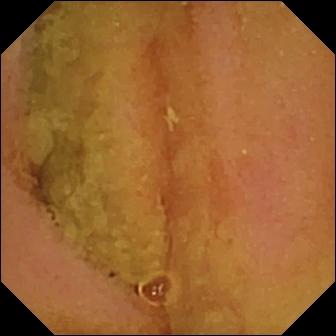WCE view, small intestine
Observation: normal clean mucosa